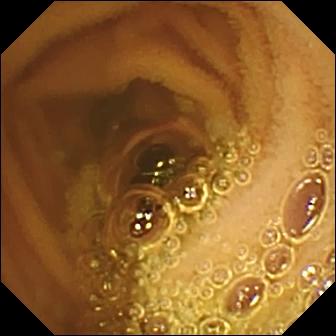Capsule endoscopy — normal clean mucosa.